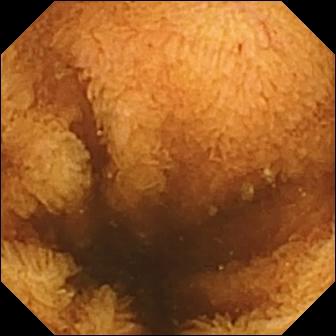Normal clean mucosa — small-bowel capsule endoscopy view of the small bowel.